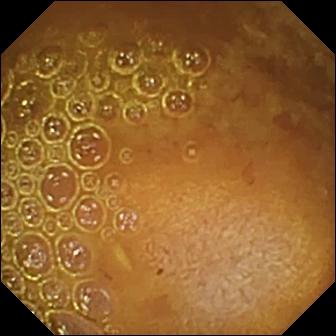modality: wireless capsule endoscopy | impression: reduced mucosal view (content or bubbles obscuring the mucosa)